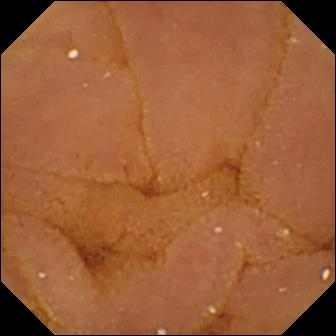{"modality": "wireless capsule endoscopy", "finding": "normal clean mucosa"}